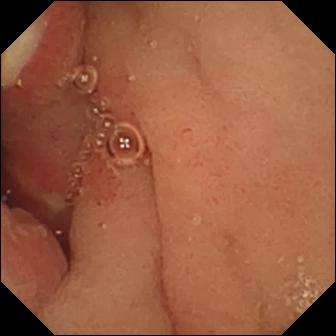Ulcer.